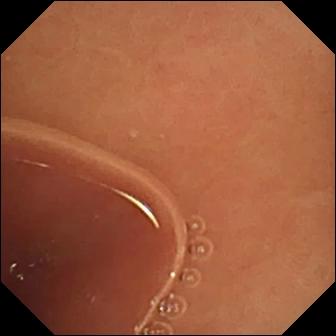{"modality": "video capsule endoscopy", "category": "luminal finding", "finding": "normal clean mucosa"}